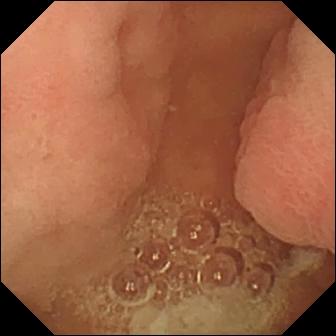- modality: VCE
- video segment: pylorus region